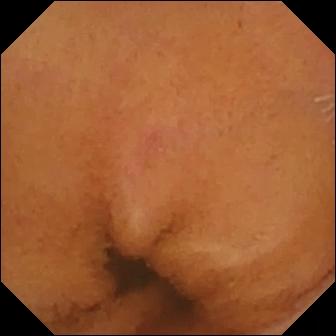PROCEDURE: WCE.
SEGMENT: Small bowel.
FINDINGS: Normal clean mucosa.